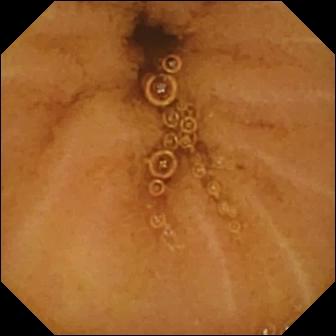This small-bowel capsule endoscopy snapshot shows normal clean mucosa.